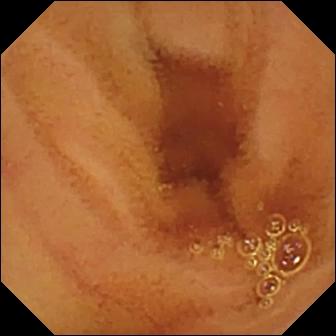PROCEDURE: VCE.
FINDINGS: Normal clean mucosa.